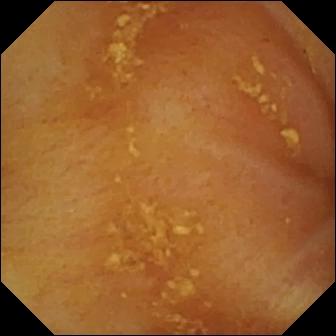Wireless capsule endoscopy frame. Taken in the ileo-cecal valve region (where the capsule passes from the small bowel into the large bowel).